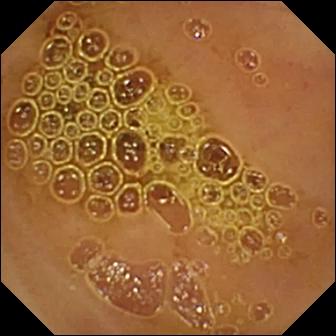- modality: VCE
- finding: normal clean mucosa